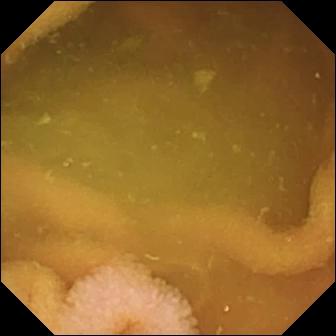Normal clean mucosa — WCE snapshot.